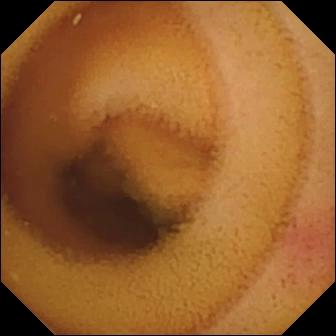Video capsule endoscopy image. Angiectasia.